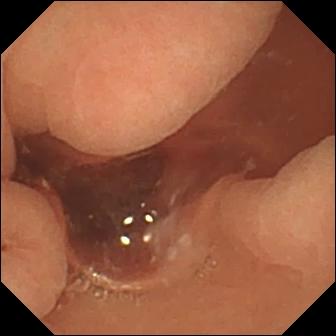Q: What does this VCE frame show?
A: Normal clean mucosa.